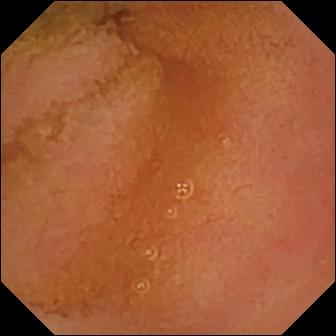Video capsule endoscopy. Small intestine. Finding: normal clean mucosa.